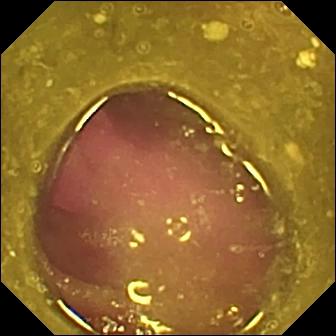Wireless capsule endoscopy view (small bowel). Reduced mucosal view (content or bubbles obscuring the mucosa).